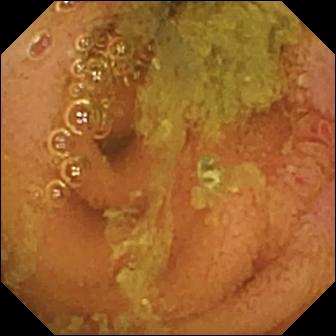Small-bowel capsule endoscopy frame
Impression: normal clean mucosa